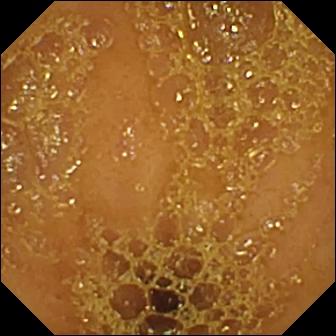Ileo-cecal valve region (where the capsule passes from the small bowel into the large bowel) — WCE still.